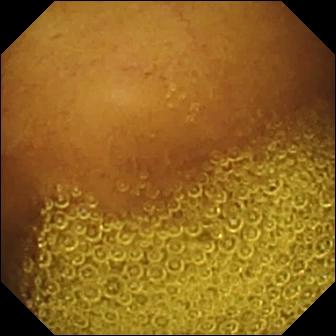- modality: capsule endoscopy
- label: normal clean mucosa